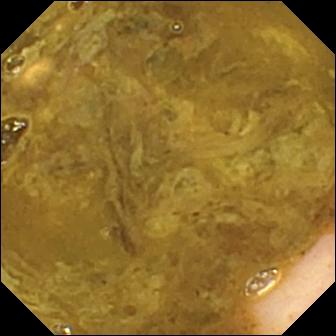Q: Where in the digestive tract was this WCE still taken?
A: Ileo-cecal valve region (where the capsule passes from the small bowel into the large bowel).